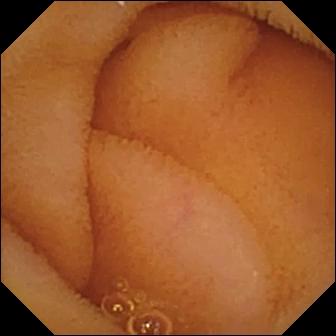Capsule endoscopy view
Impression: normal clean mucosa